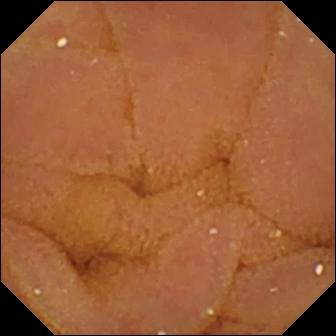Small-bowel capsule endoscopy still, small intestine
Label: normal clean mucosa